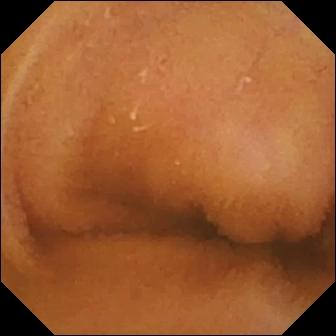Small-bowel capsule endoscopy view (small intestine). Normal clean mucosa.